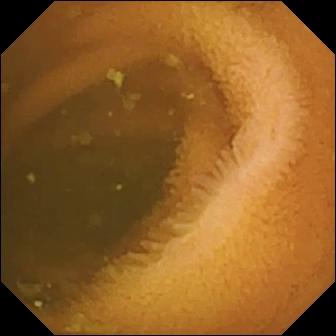Normal clean mucosa — capsule endoscopy still of the small intestine.